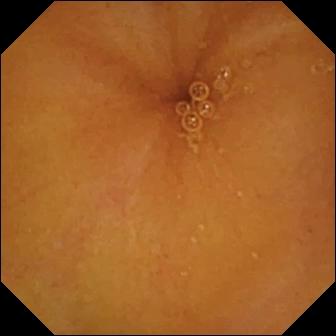modality: capsule endoscopy | segment: small bowel | label: normal clean mucosa